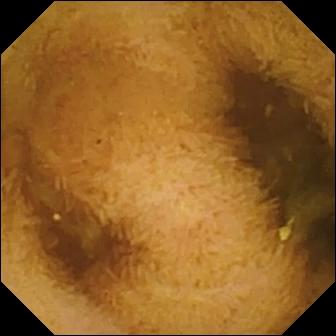This small-bowel capsule endoscopy frame shows normal clean mucosa.